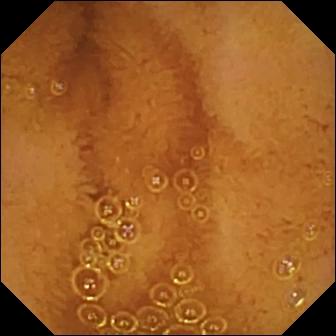VCE image. Normal clean mucosa.